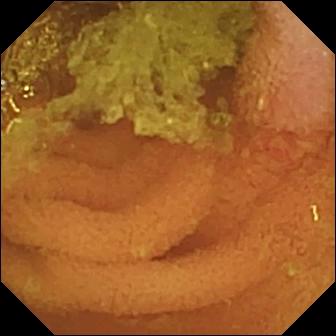Small-bowel capsule endoscopy image, small intestine
Impression: normal clean mucosa